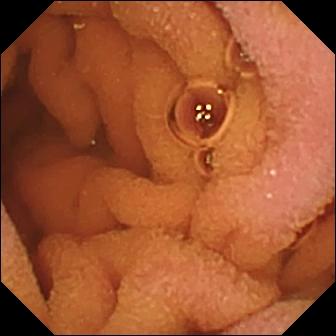Video capsule endoscopy still showing normal clean mucosa.